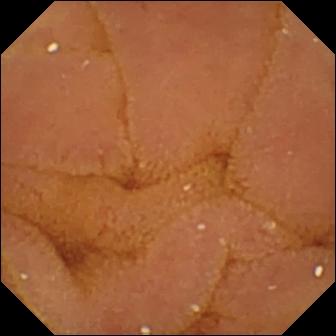Small-bowel capsule endoscopy snapshot. Normal clean mucosa.